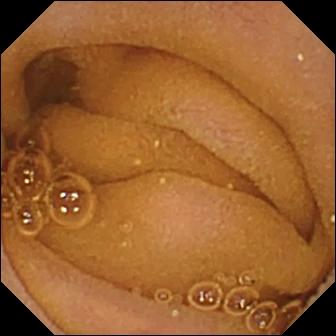Small-bowel capsule endoscopy snapshot
Label: normal clean mucosa